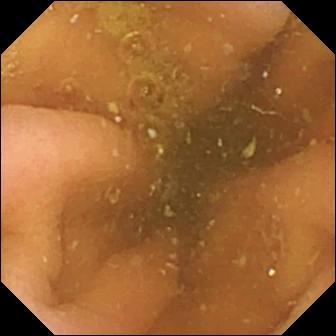PROCEDURE: Small-bowel capsule endoscopy.
VIDEO SEGMENT: Pylorus region (where the capsule passes from the stomach into the small bowel).